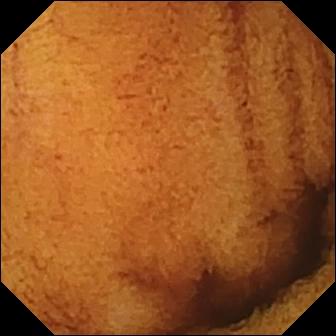Normal clean mucosa.